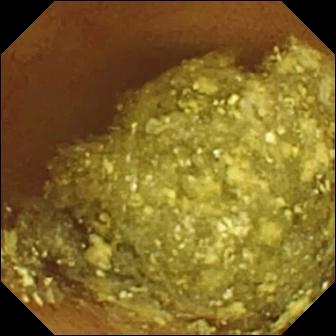- modality: wireless capsule endoscopy
- segment: small intestine
- impression: normal clean mucosa